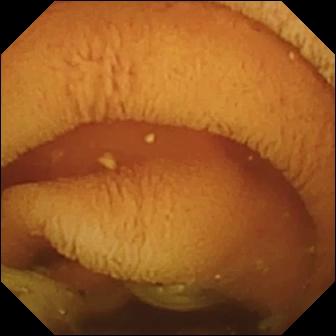Wireless capsule endoscopy still
Label: normal clean mucosa